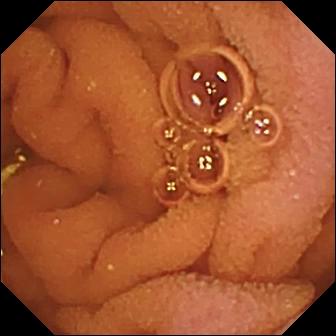PROCEDURE: VCE.
FINDINGS: Normal clean mucosa.